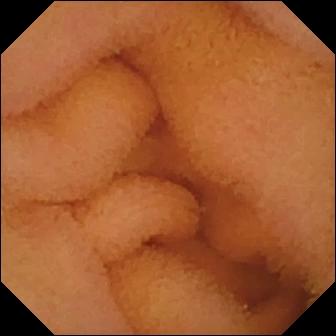WCE. Small bowel. Finding: normal clean mucosa.